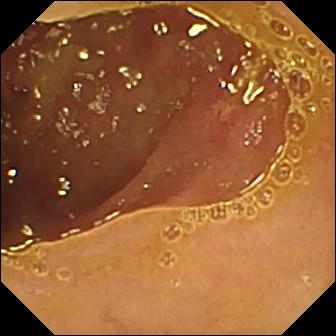Ulcer — wireless capsule endoscopy frame.